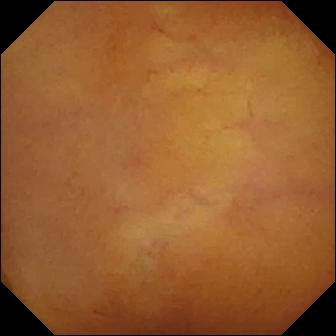Normal clean mucosa — VCE snapshot of the small intestine.